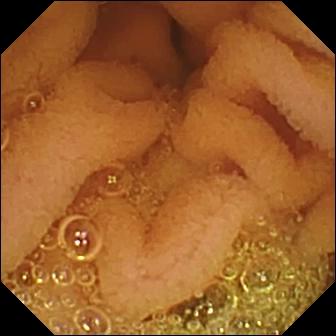{"modality": "video capsule endoscopy", "finding": "normal clean mucosa"}